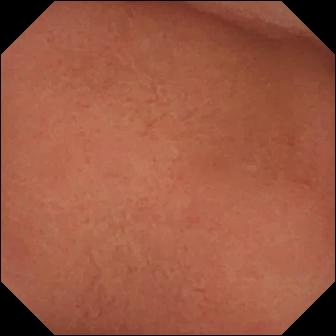{"modality": "wireless capsule endoscopy", "label": "pylorus region"}